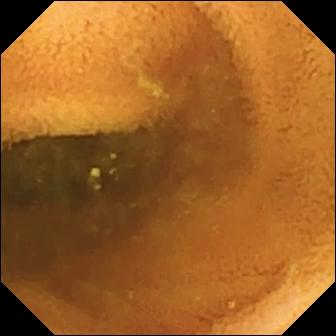- modality: video capsule endoscopy
- category: luminal finding
- observation: normal clean mucosa